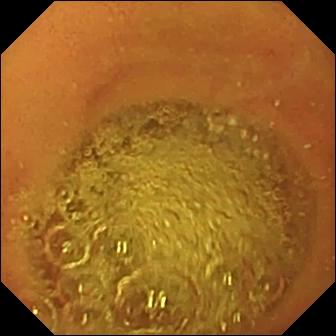Normal clean mucosa (336×336).